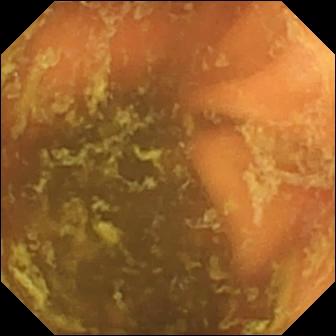- modality: video capsule endoscopy
- category: anatomical landmark
- label: ileo-cecal valve region (the transition from the small bowel to the large bowel)